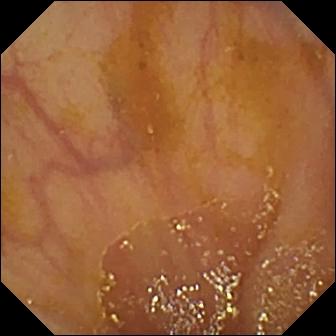PROCEDURE: Wireless capsule endoscopy.
POSITION: Ileo-cecal valve region (where the capsule passes from the small bowel into the large bowel).